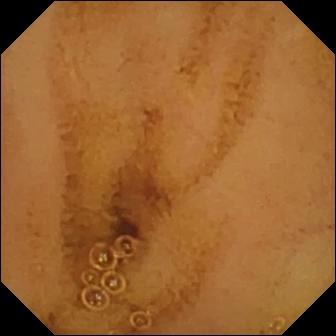VCE snapshot (small intestine), 336×336. Normal clean mucosa.